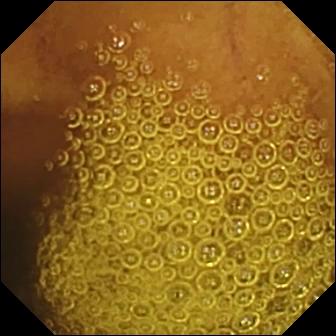Small-bowel capsule endoscopy view. Normal clean mucosa.